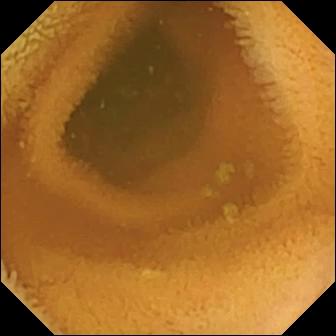Normal clean mucosa.